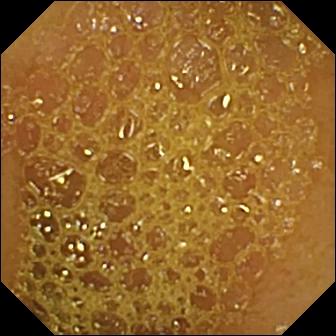Ileo-cecal valve region (the transition from the small bowel to the large bowel) — wireless capsule endoscopy image.